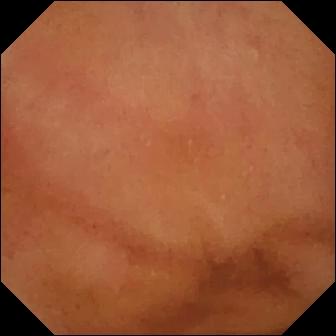- modality: small-bowel capsule endoscopy
- segment: small bowel
- label: normal clean mucosa